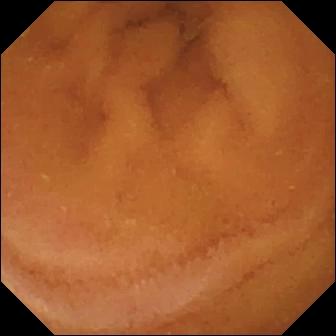This capsule endoscopy still shows normal clean mucosa.